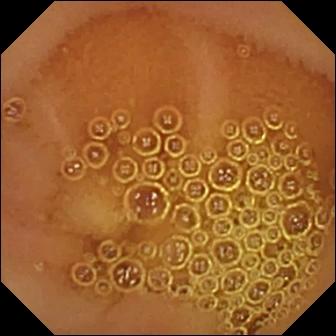This video capsule endoscopy still of the small bowel shows normal clean mucosa.